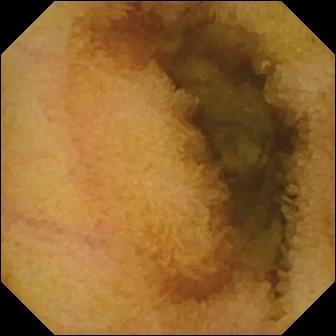PROCEDURE: Video capsule endoscopy.
SEGMENT: Small bowel.
FINDINGS: Normal clean mucosa.